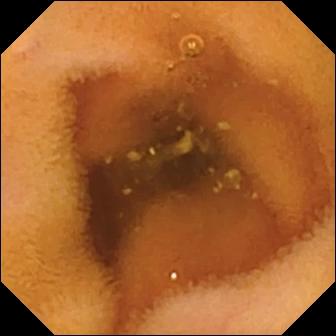- modality: small-bowel capsule endoscopy
- observation: normal clean mucosa